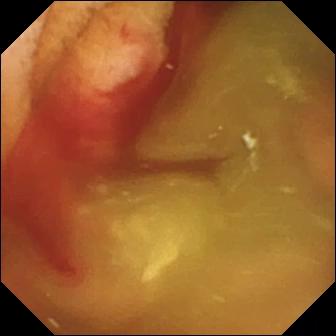This small-bowel capsule endoscopy frame shows fresh blood in the lumen.